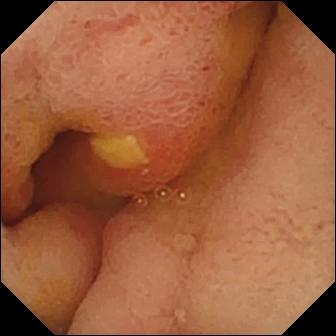This small-bowel capsule endoscopy still shows ulcer.